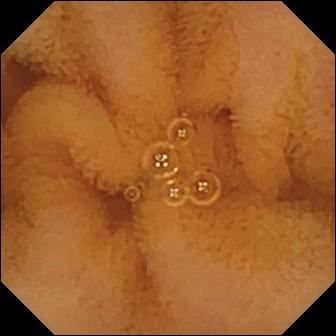Video capsule endoscopy. Observation: normal clean mucosa.